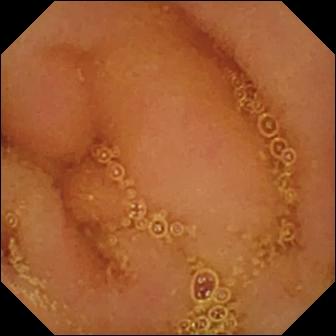Q: What does this small-bowel capsule endoscopy view show?
A: Normal clean mucosa.